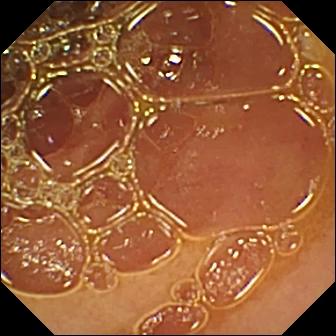Normal clean mucosa — WCE frame.